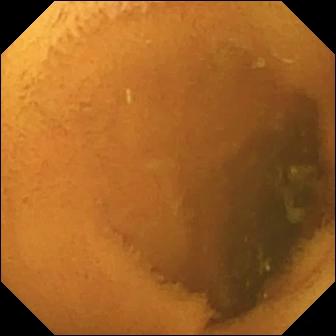{"modality": "small-bowel capsule endoscopy", "segment": "small intestine", "finding": "normal clean mucosa"}